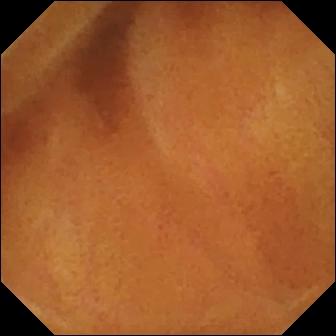Q: What does this small-bowel capsule endoscopy frame of the small bowel show?
A: Normal clean mucosa.